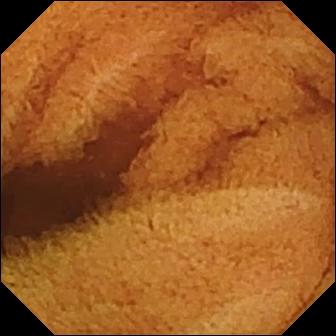Normal clean mucosa.